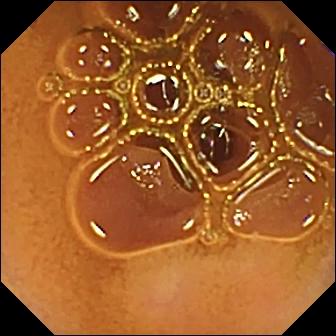Capsule endoscopy. Label: normal clean mucosa.